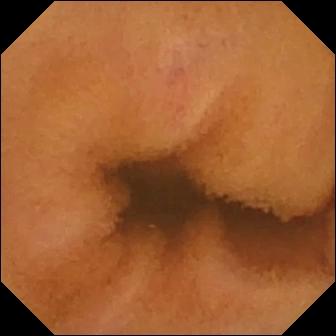Small-bowel capsule endoscopy image. Normal clean mucosa.